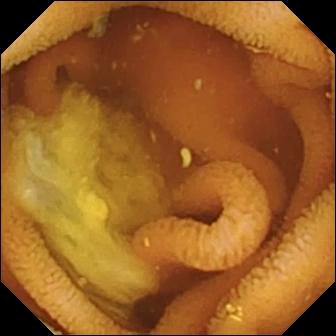- modality: capsule endoscopy
- finding: normal clean mucosa